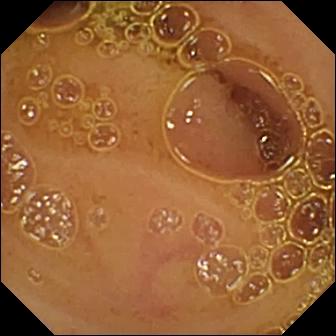Video capsule endoscopy — normal clean mucosa.